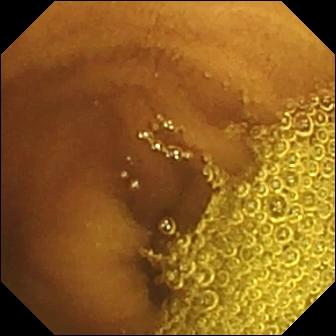PROCEDURE: Video capsule endoscopy.
SEGMENT: Small bowel.
FINDINGS: Normal clean mucosa.